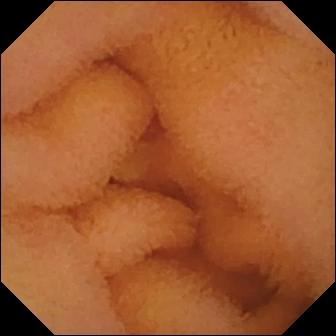modality: video capsule endoscopy; segment: small intestine; category: luminal finding; observation: normal clean mucosa